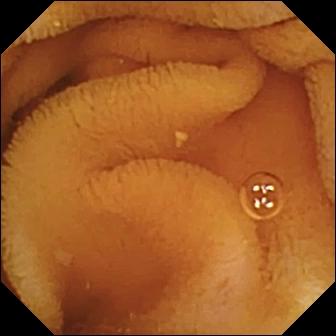Wireless capsule endoscopy — normal clean mucosa.